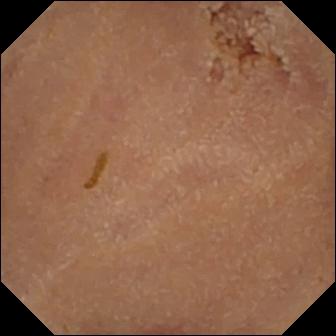Wireless capsule endoscopy — normal clean mucosa.